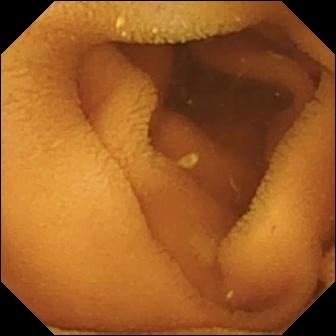PROCEDURE: VCE.
FINDINGS: Normal clean mucosa.